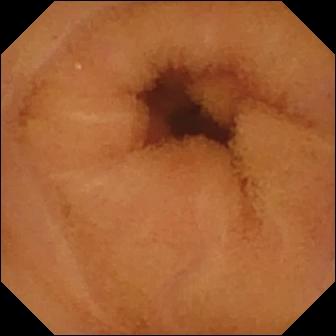Wireless capsule endoscopy still, small intestine
Observation: normal clean mucosa